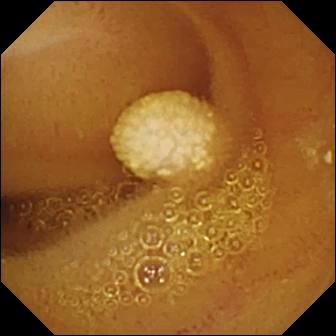PROCEDURE: VCE.
FINDINGS: Lymphangiectasia.